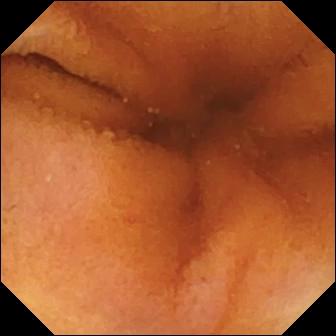{"modality": "WCE", "finding": "normal clean mucosa"}